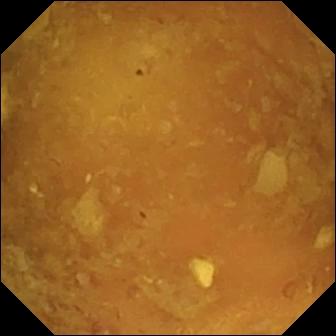Reduced mucosal view (content or bubbles obscuring the mucosa).